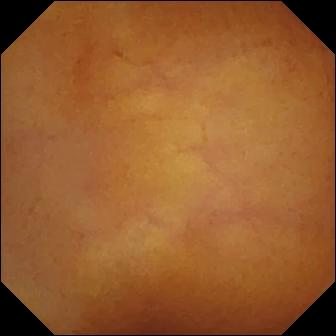WCE — normal clean mucosa.